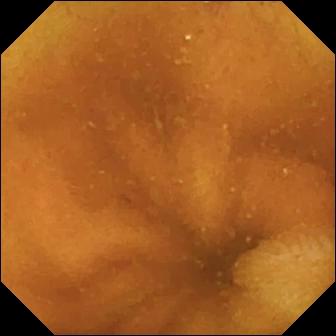Normal clean mucosa.